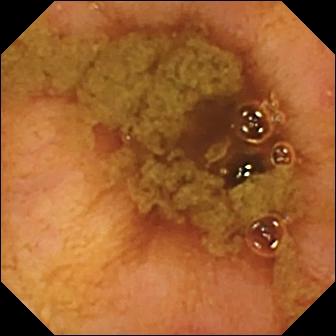modality: wireless capsule endoscopy | location: ileo-cecal valve region